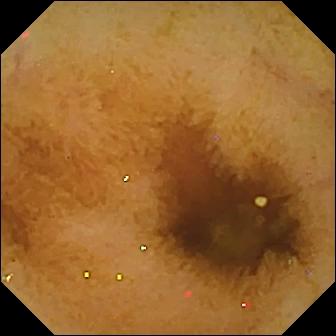{"modality": "VCE", "finding": "normal clean mucosa"}